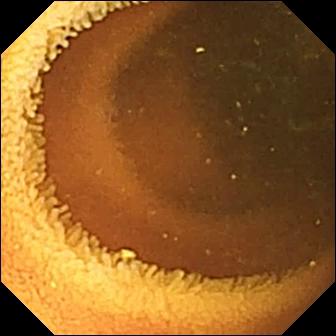Normal clean mucosa.